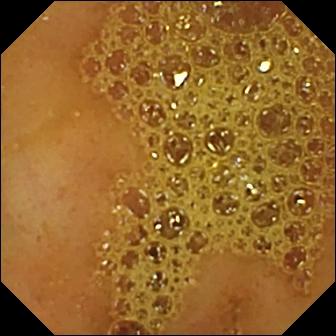modality: VCE | position: ileo-cecal valve region (where the capsule passes from the small bowel into the large bowel)